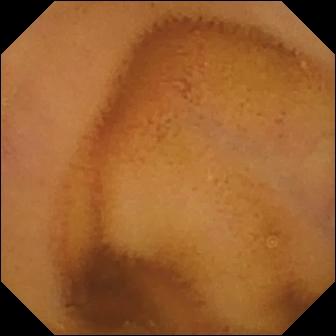- modality: small-bowel capsule endoscopy
- label: normal clean mucosa